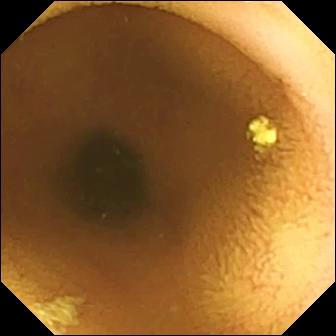Video capsule endoscopy snapshot (small bowel), 336×336. Normal clean mucosa.